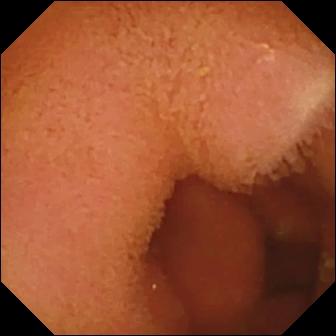Video capsule endoscopy view of the small intestine showing normal clean mucosa.